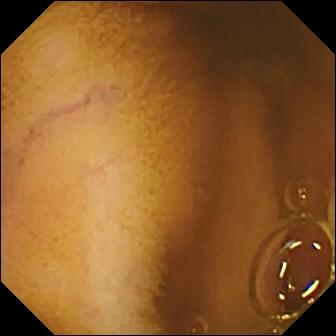VCE — normal clean mucosa.